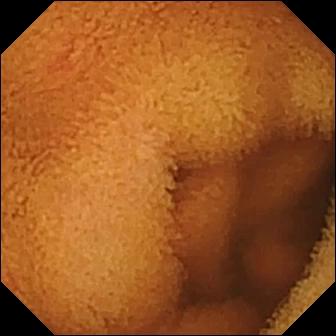- modality: capsule endoscopy
- category: luminal finding
- finding: normal clean mucosa